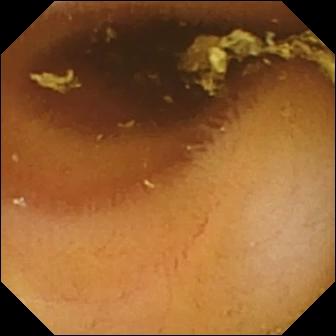- modality: WCE
- segment: small bowel
- finding: normal clean mucosa